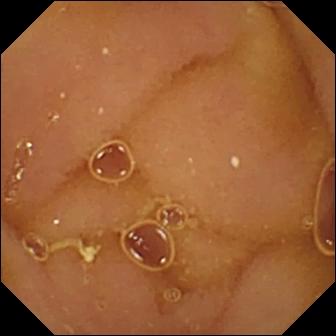- modality: VCE
- category: luminal finding
- observation: normal clean mucosa